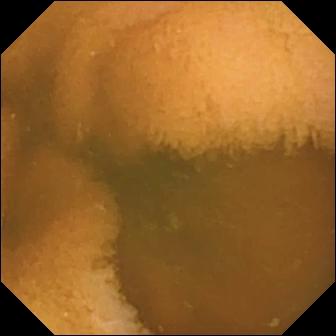Video capsule endoscopy frame (small intestine). Normal clean mucosa.